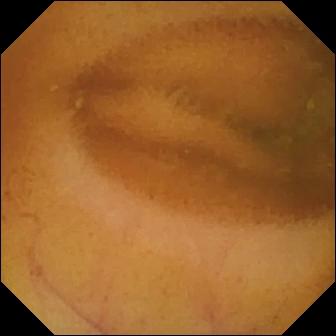VCE. Small intestine. Finding: normal clean mucosa.